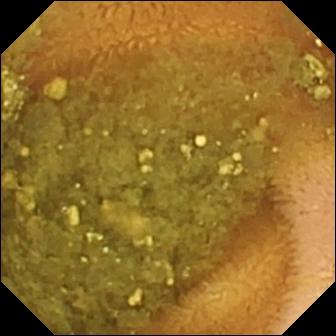Capsule endoscopy. Impression: reduced mucosal view (content or bubbles obscuring the mucosa).